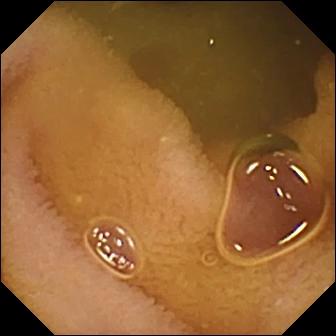WCE snapshot, 336×336. Normal clean mucosa.